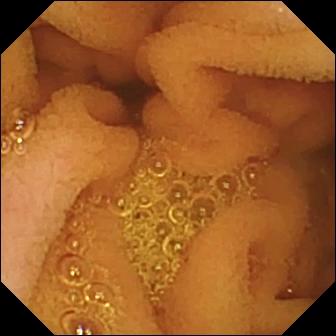This capsule endoscopy still of the small bowel shows normal clean mucosa.